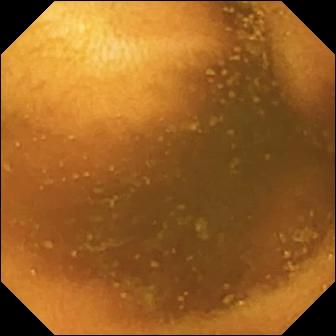Normal clean mucosa — small-bowel capsule endoscopy frame.